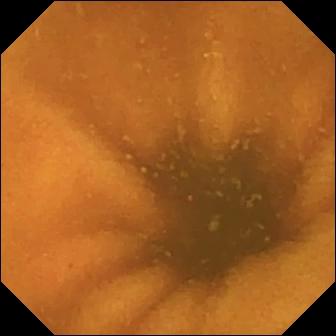Normal clean mucosa — video capsule endoscopy image.